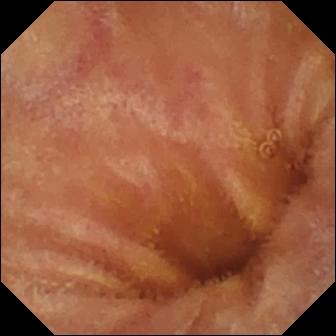Normal clean mucosa — capsule endoscopy view of the small bowel.